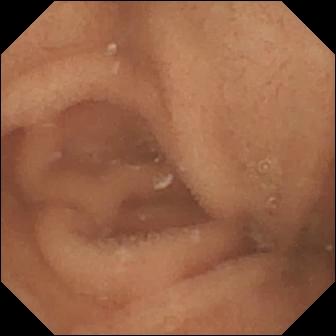VCE — normal clean mucosa.